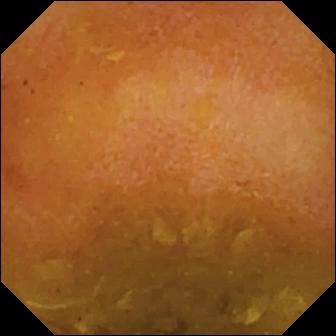- modality: small-bowel capsule endoscopy
- segment: small bowel
- finding: reduced mucosal view (content or bubbles obscuring the mucosa)